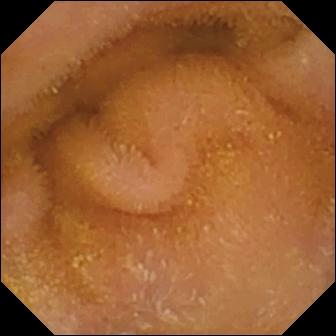PROCEDURE: Small-bowel capsule endoscopy.
FINDINGS: Normal clean mucosa.